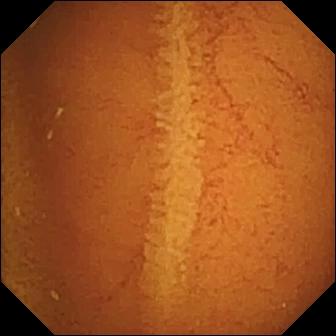Normal clean mucosa — wireless capsule endoscopy view of the small bowel.